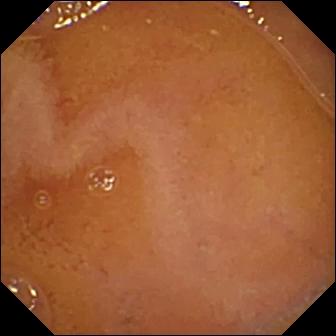modality: WCE | category: luminal finding | impression: normal clean mucosa